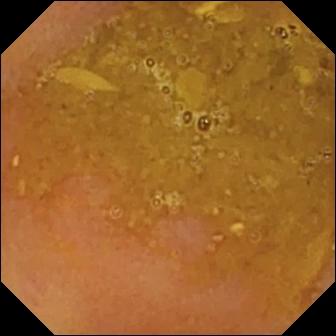Video capsule endoscopy — reduced mucosal view (content or bubbles obscuring the mucosa).